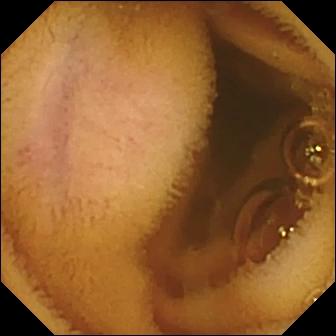Video capsule endoscopy view, small bowel
Impression: normal clean mucosa